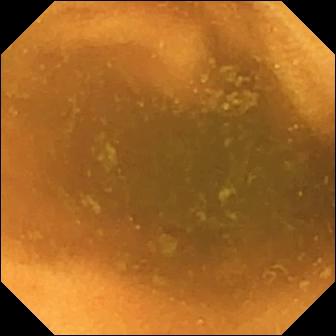Small-bowel capsule endoscopy frame
Label: normal clean mucosa